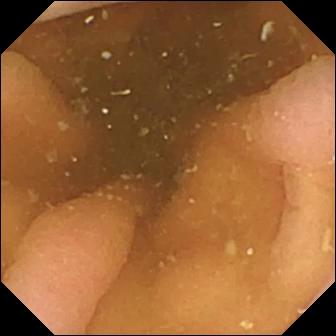- modality: VCE
- location: pylorus region (the junction between the stomach and the small bowel)